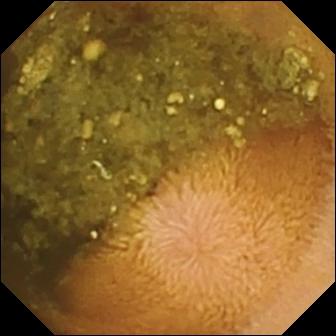WCE still
Finding: reduced mucosal view (content or bubbles obscuring the mucosa)